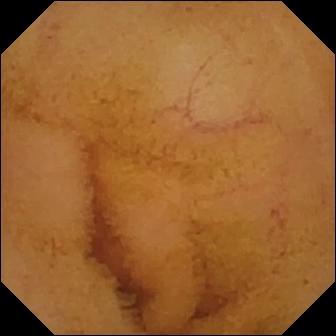WCE — normal clean mucosa.